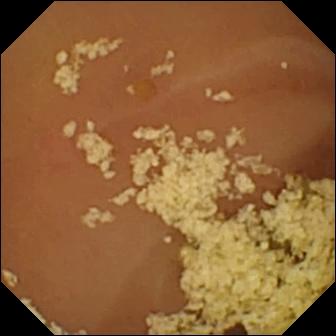Normal clean mucosa — wireless capsule endoscopy image of the small bowel.